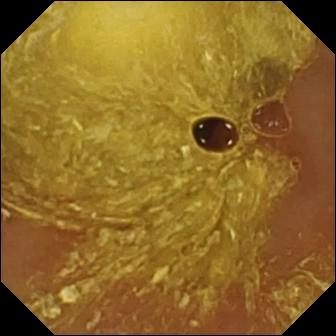WCE. Luminal finding. Finding: reduced mucosal view (content or bubbles obscuring the mucosa).